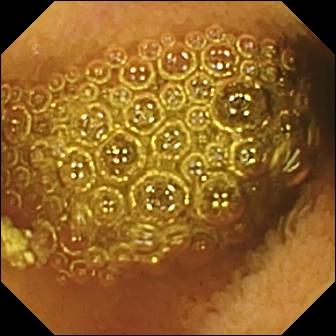Reduced mucosal view (content or bubbles obscuring the mucosa).